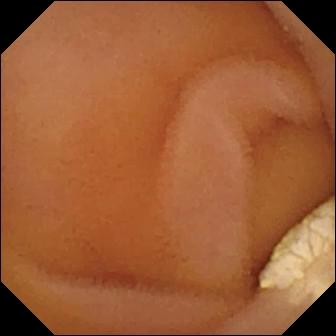This WCE view shows lymphangiectasia.